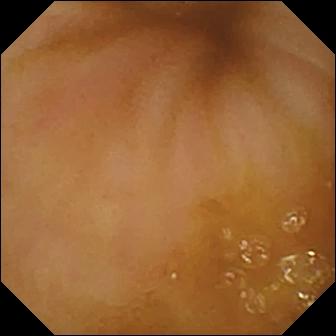Ileo-cecal valve region — wireless capsule endoscopy frame.